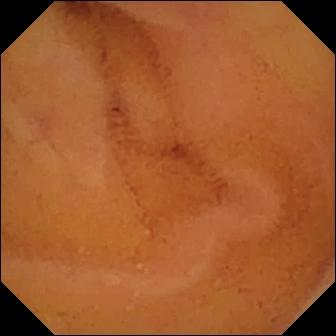This video capsule endoscopy view shows normal clean mucosa.